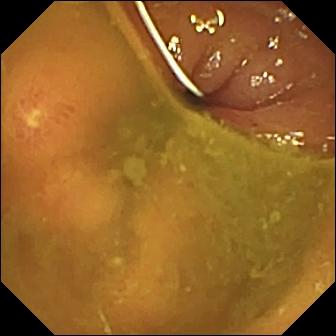PROCEDURE: VCE.
FINDINGS: Ulcer.